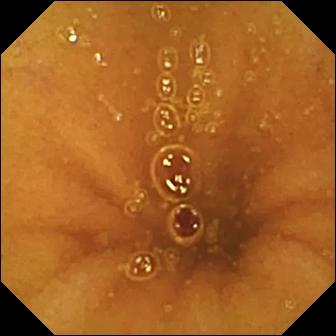Small-bowel capsule endoscopy frame. Normal clean mucosa.